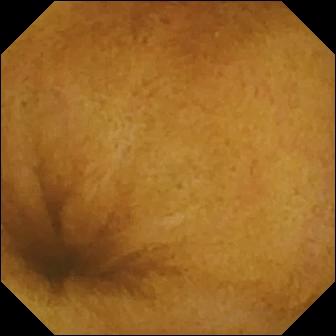- modality: capsule endoscopy
- finding: normal clean mucosa